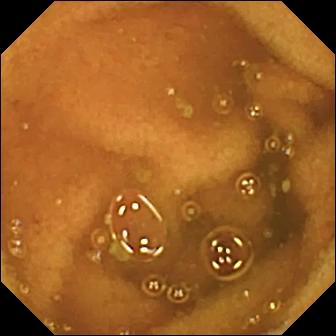PROCEDURE: WCE.
SEGMENT: Small intestine.
FINDINGS: Normal clean mucosa.